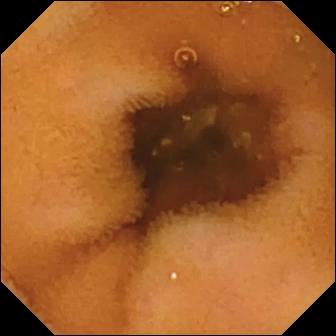Normal clean mucosa.